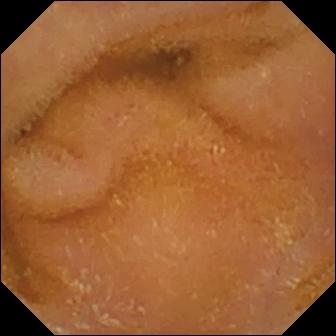Wireless capsule endoscopy snapshot
Observation: normal clean mucosa